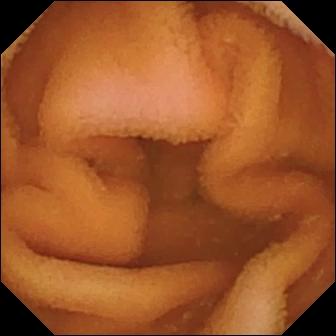PROCEDURE: Wireless capsule endoscopy.
SEGMENT: Small intestine.
FINDINGS: Normal clean mucosa.